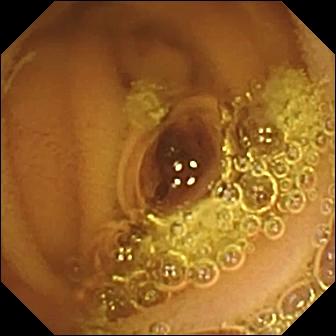Wireless capsule endoscopy frame. Normal clean mucosa.